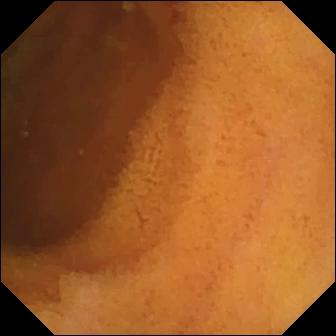This VCE view of the small bowel shows normal clean mucosa.